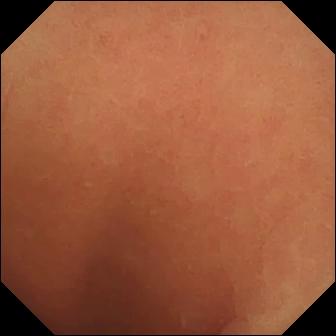This WCE still shows normal clean mucosa.